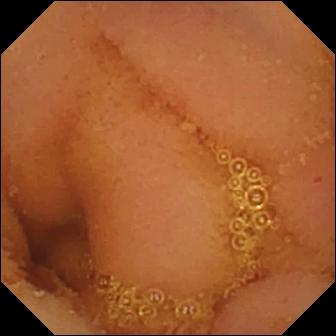This small-bowel capsule endoscopy snapshot shows normal clean mucosa.